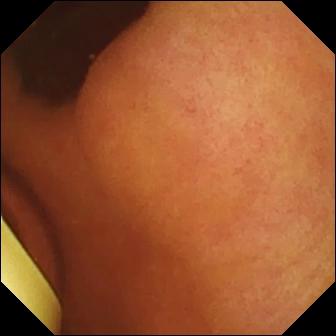Q: What does this VCE still show?
A: Foreign body (e.g. retained capsule, tablet residue).